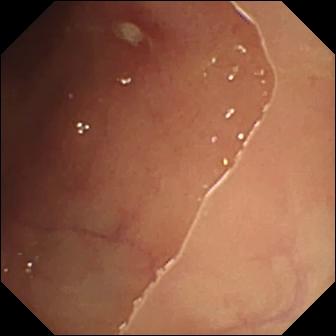Ulcer.